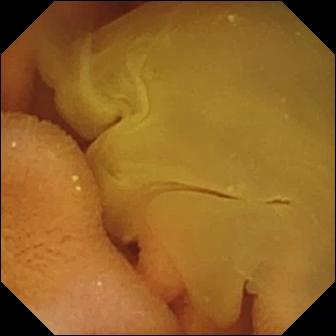Wireless capsule endoscopy. Small bowel. Luminal finding. Finding: normal clean mucosa.